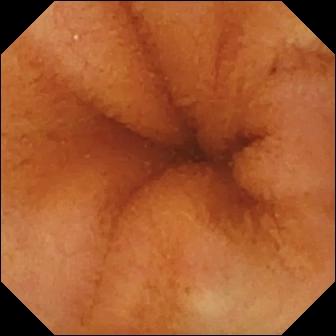modality: capsule endoscopy; segment: small intestine; observation: normal clean mucosa